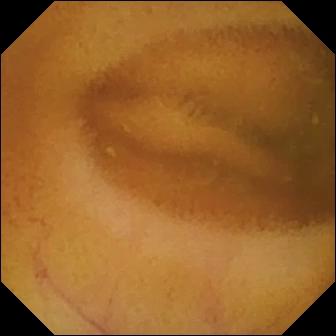Q: What does this capsule endoscopy image show?
A: Normal clean mucosa.